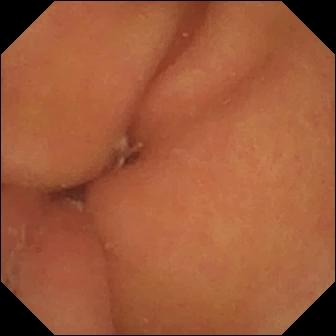Video capsule endoscopy — pylorus region (the junction between the stomach and the small bowel).